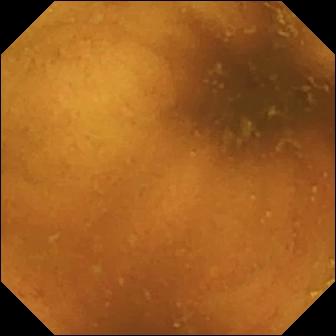- modality: capsule endoscopy
- segment: small intestine
- category: luminal finding
- finding: normal clean mucosa